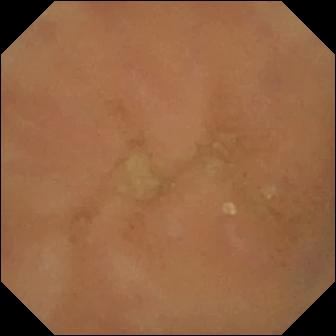Small-bowel capsule endoscopy — normal clean mucosa.